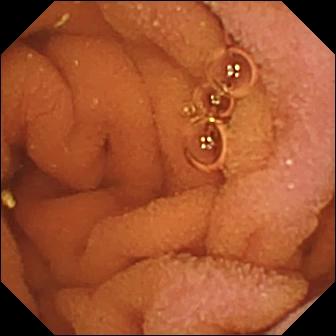Q: What does this VCE still show?
A: Normal clean mucosa.